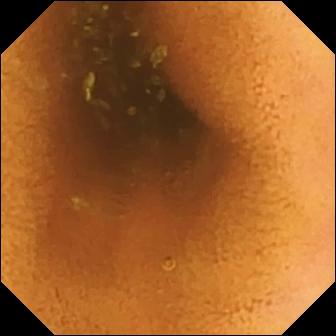This video capsule endoscopy image of the small bowel shows normal clean mucosa.